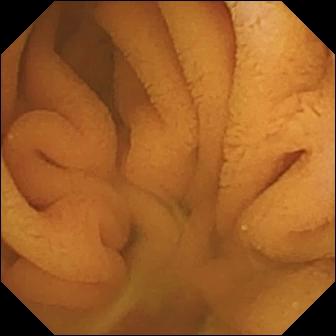Normal clean mucosa (336×336).